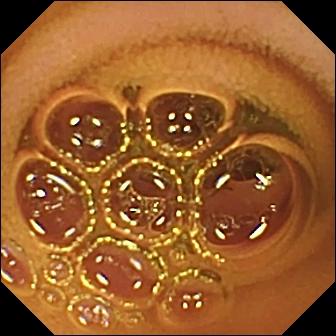VCE view (small bowel). Normal clean mucosa.